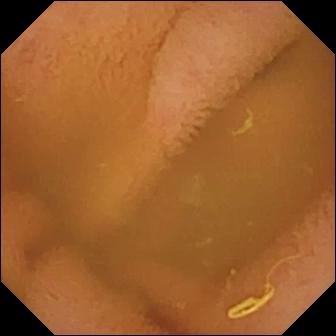Normal clean mucosa.